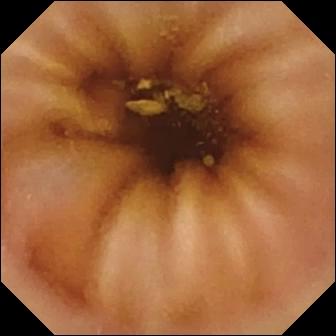This video capsule endoscopy frame of the small intestine shows normal clean mucosa.